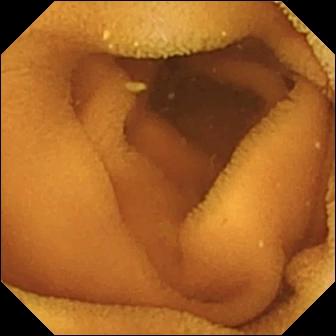Q: What does this capsule endoscopy image show?
A: Normal clean mucosa.